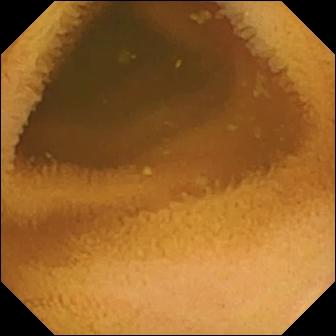Normal clean mucosa.